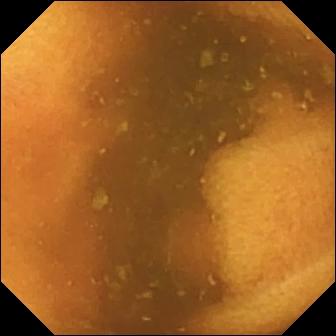Video capsule endoscopy — normal clean mucosa.